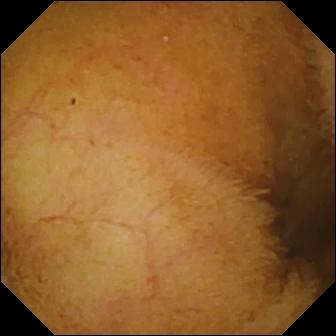Video capsule endoscopy image, 336×336. Normal clean mucosa.